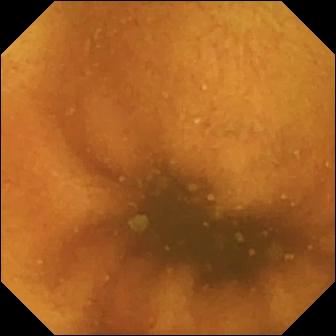Capsule endoscopy frame. Normal clean mucosa.